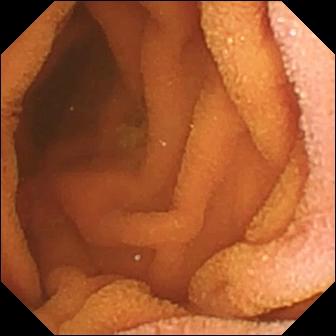- modality: WCE
- segment: small intestine
- observation: normal clean mucosa